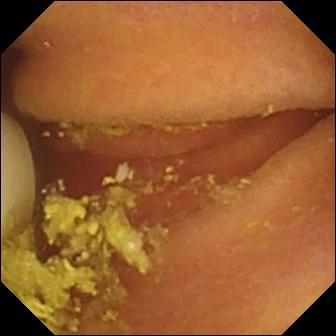Foreign body (e.g. retained capsule, tablet residue) — WCE snapshot.